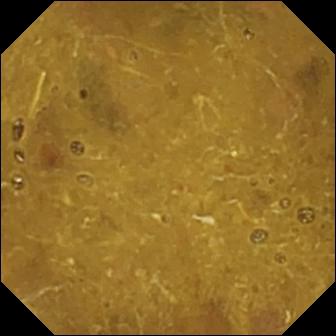Capsule endoscopy still. Taken in the ileo-cecal valve region (where the capsule passes from the small bowel into the large bowel).